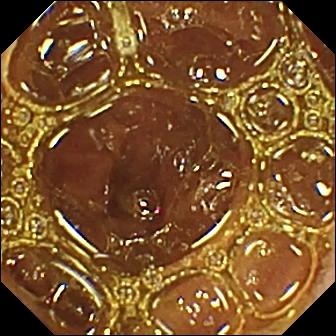- modality: small-bowel capsule endoscopy
- label: normal clean mucosa